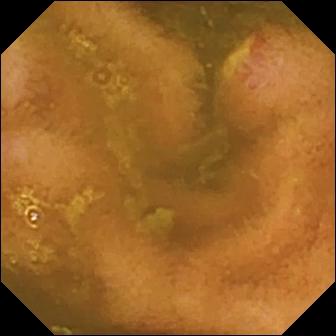Capsule endoscopy. Impression: ulcer.